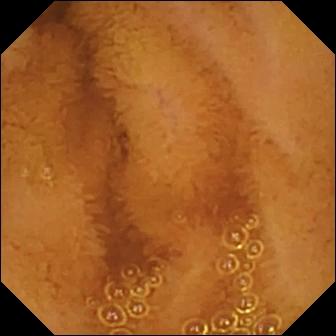Capsule endoscopy. Small bowel. Luminal finding. Finding: normal clean mucosa.